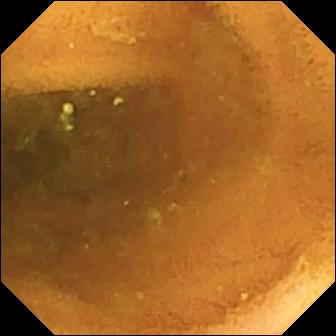modality: video capsule endoscopy; segment: small bowel; impression: normal clean mucosa